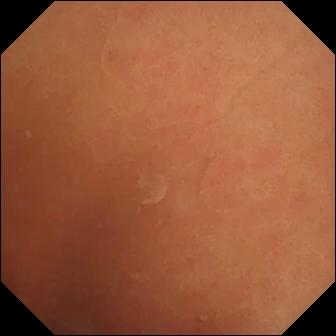VCE frame showing normal clean mucosa.